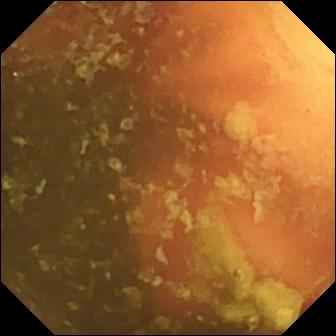VCE. Near an anatomical landmark. Position: ileo-cecal valve region (the transition from the small bowel to the large bowel).